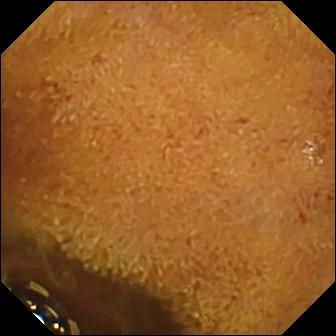Wireless capsule endoscopy. Observation: foreign body (e.g. retained capsule, tablet residue).